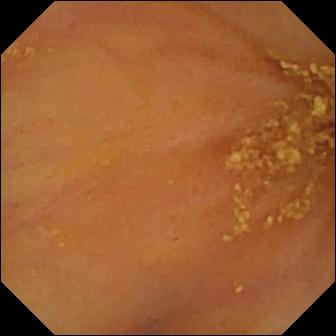Video capsule endoscopy view
Location: ileo-cecal valve region (the transition from the small bowel to the large bowel)